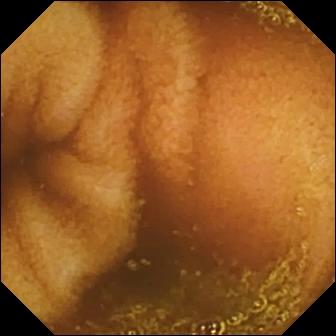{"modality": "WCE", "finding": "normal clean mucosa"}